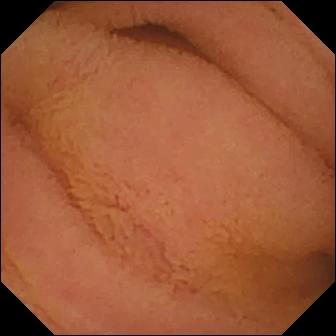Normal clean mucosa — video capsule endoscopy snapshot.